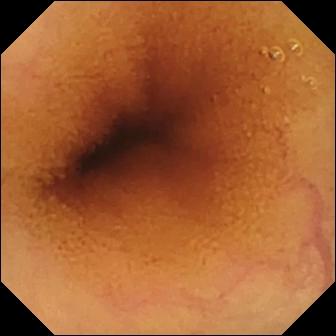Q: What does this VCE still of the small intestine show?
A: Normal clean mucosa.